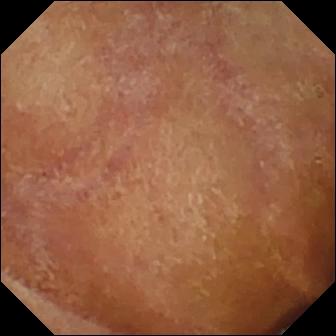modality: small-bowel capsule endoscopy | segment: small intestine | observation: normal clean mucosa